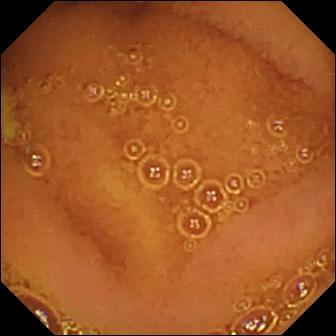Wireless capsule endoscopy. Small bowel. Observation: normal clean mucosa.